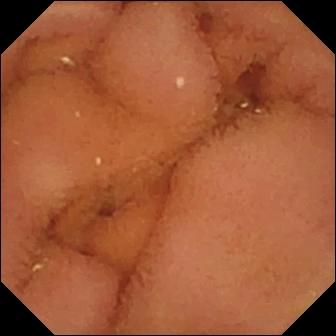PROCEDURE: VCE.
FINDINGS: Normal clean mucosa.